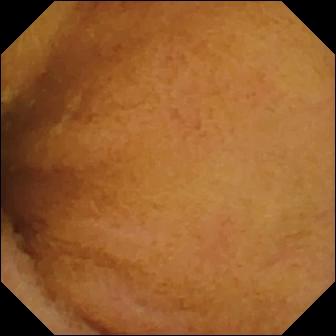{"modality": "WCE", "finding": "normal clean mucosa"}